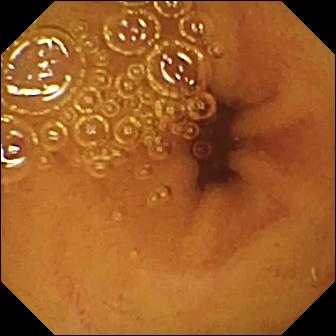- modality: WCE
- segment: small intestine
- observation: normal clean mucosa